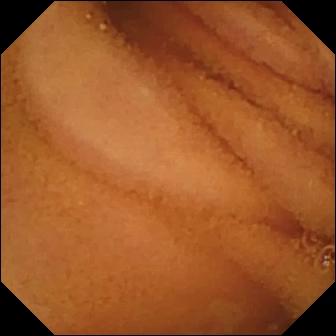modality: video capsule endoscopy
segment: small bowel
label: normal clean mucosa